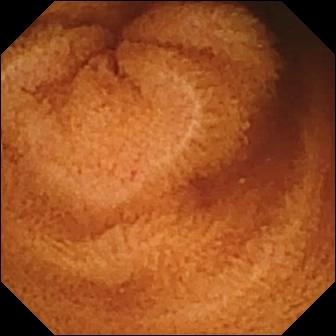This VCE still shows normal clean mucosa.